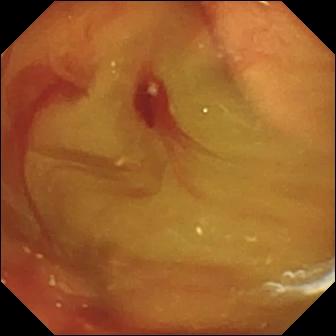Capsule endoscopy — fresh blood in the lumen.